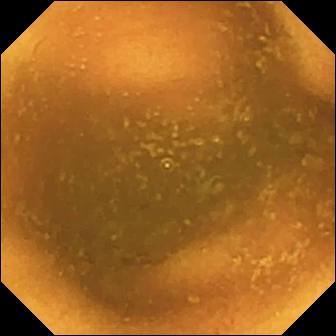PROCEDURE: Capsule endoscopy.
SEGMENT: Small bowel.
FINDINGS: Normal clean mucosa.